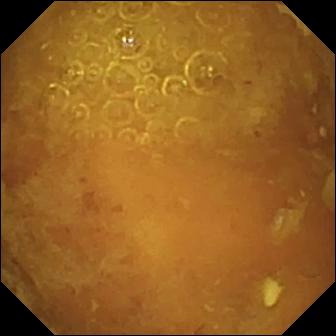Q: What does this small-bowel capsule endoscopy image show?
A: Reduced mucosal view (content or bubbles obscuring the mucosa).